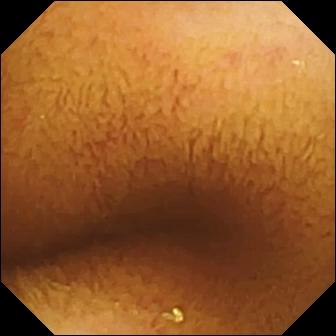Small-bowel capsule endoscopy snapshot of the small bowel showing normal clean mucosa.